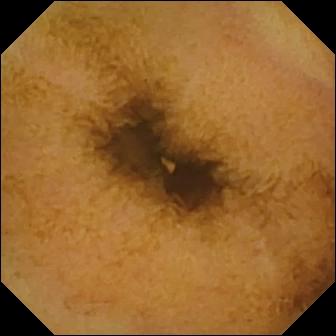Capsule endoscopy still showing normal clean mucosa.